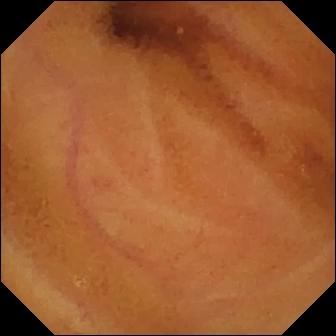Small-bowel capsule endoscopy — normal clean mucosa.